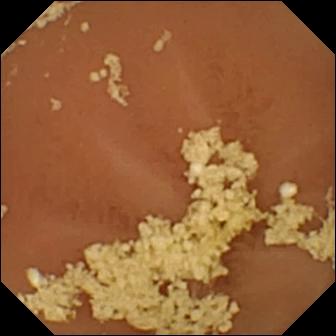Q: What does this WCE still of the small intestine show?
A: Normal clean mucosa.